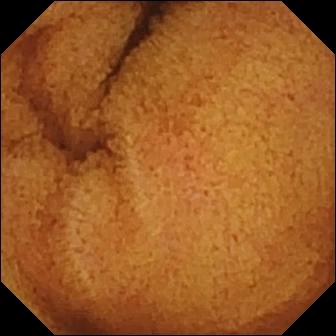This VCE image of the small intestine shows normal clean mucosa.